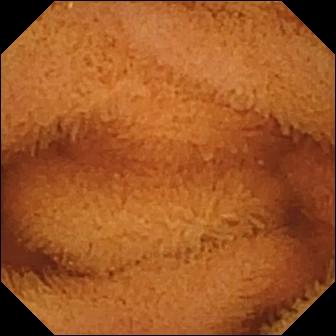WCE — normal clean mucosa.